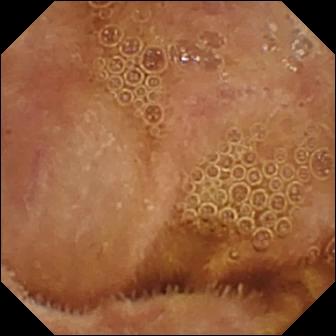Normal clean mucosa — capsule endoscopy still.